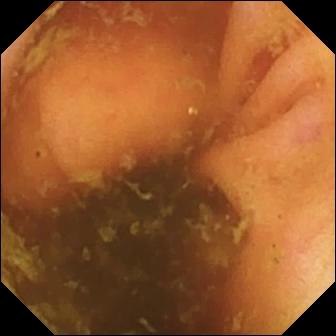PROCEDURE: Video capsule endoscopy.
POSITION: Ileo-cecal valve region (where the capsule passes from the small bowel into the large bowel).